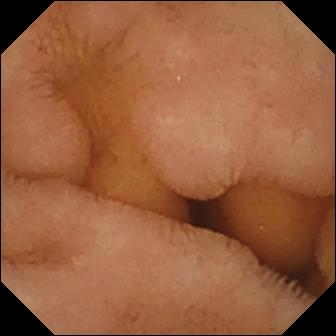This video capsule endoscopy view shows normal clean mucosa.